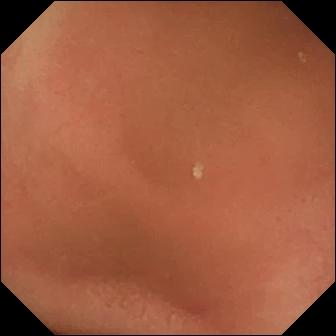Small-bowel capsule endoscopy frame. Taken in the pylorus region (the junction between the stomach and the small bowel).